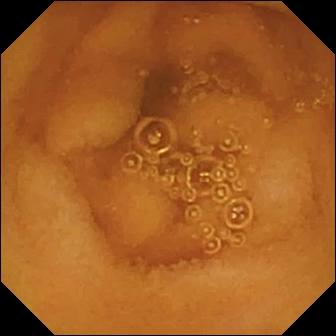PROCEDURE: Small-bowel capsule endoscopy.
FINDINGS: Normal clean mucosa.